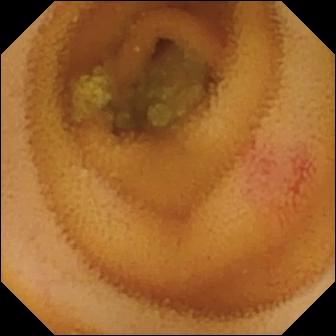- modality: VCE
- category: luminal finding
- finding: angiectasia